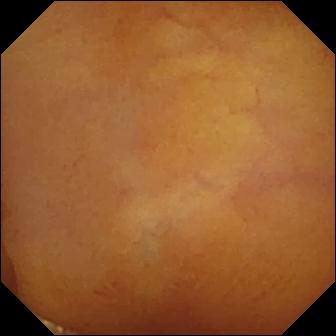modality: VCE
finding: normal clean mucosa